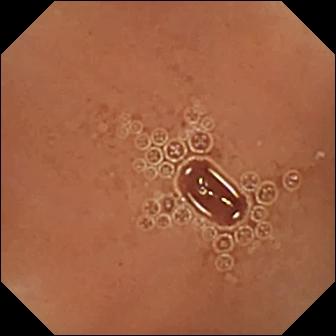- modality: WCE
- segment: small bowel
- category: luminal finding
- label: normal clean mucosa